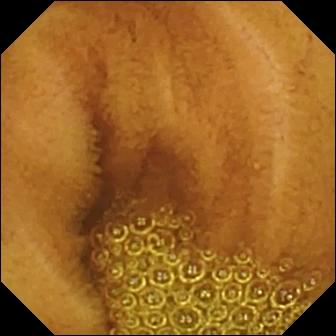Q: What does this WCE view of the small bowel show?
A: Normal clean mucosa.